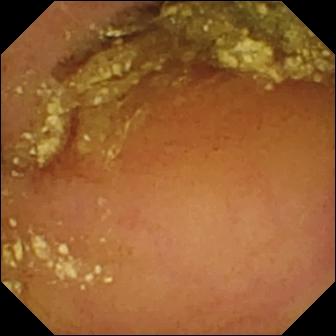PROCEDURE: Small-bowel capsule endoscopy.
FINDINGS: Normal clean mucosa.